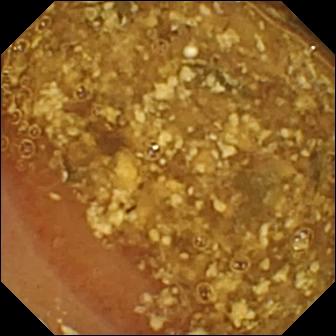Reduced mucosal view (content or bubbles obscuring the mucosa).